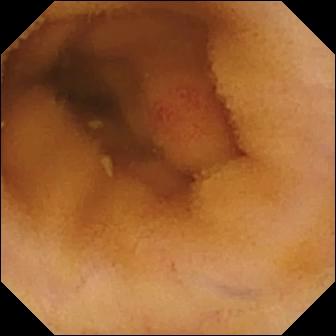{"modality": "small-bowel capsule endoscopy", "finding": "angiectasia"}